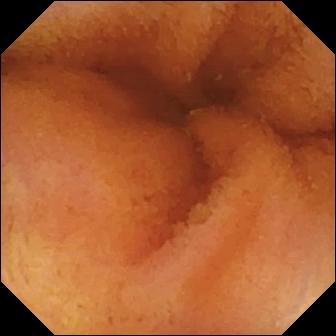{"modality": "wireless capsule endoscopy", "segment": "small intestine", "finding": "normal clean mucosa"}